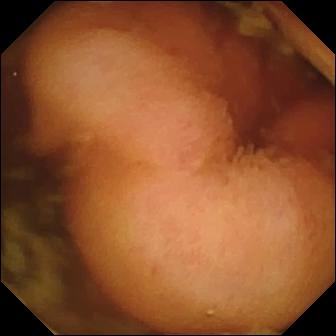This capsule endoscopy frame shows polyp.